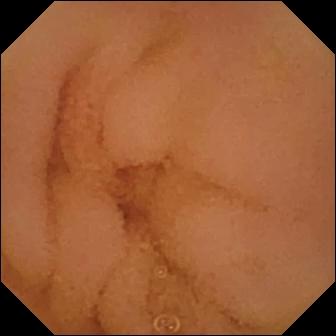{"modality": "WCE", "finding": "normal clean mucosa"}